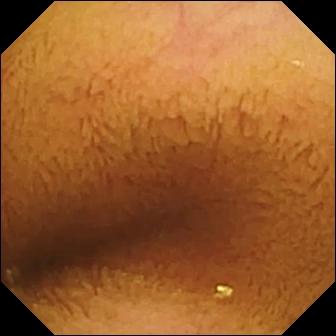Normal clean mucosa — VCE image of the small bowel.